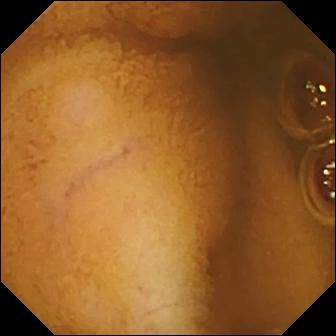Capsule endoscopy. Observation: normal clean mucosa.